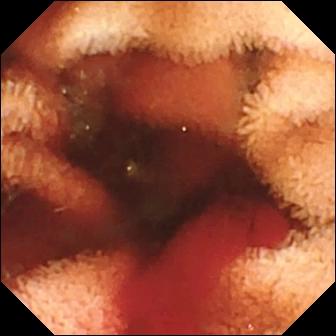VCE — fresh blood in the lumen.